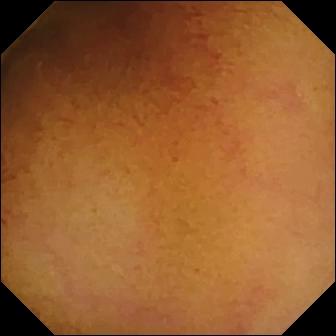Capsule endoscopy still
Impression: normal clean mucosa